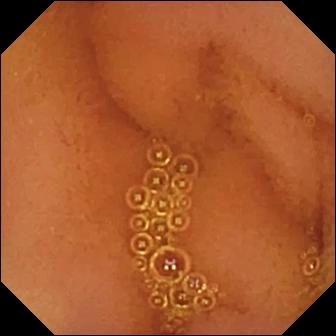Q: What does this video capsule endoscopy snapshot of the small bowel show?
A: Normal clean mucosa.